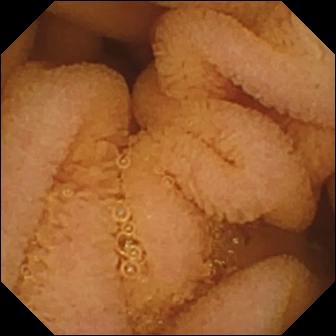modality: video capsule endoscopy | label: normal clean mucosa